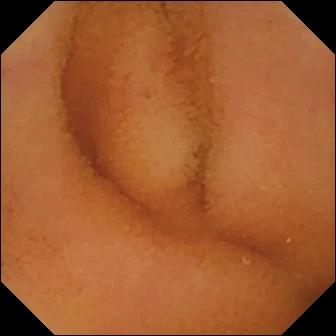This wireless capsule endoscopy frame of the small intestine shows normal clean mucosa.